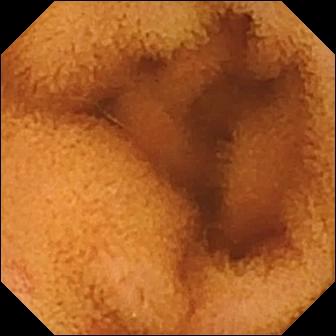PROCEDURE: WCE.
FINDINGS: Normal clean mucosa.